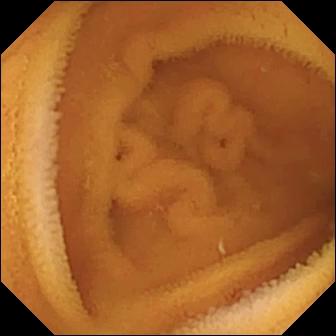{"modality": "small-bowel capsule endoscopy", "finding": "normal clean mucosa"}